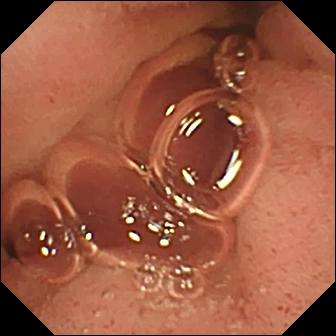VCE frame. Taken in the pylorus region (the junction between the stomach and the small bowel).